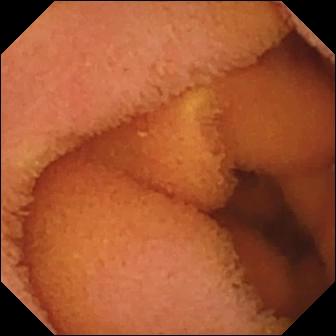Normal clean mucosa.